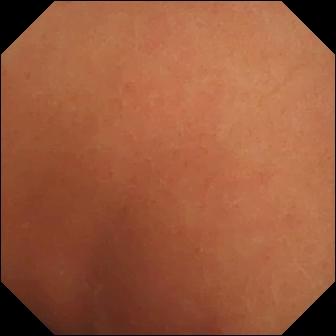modality: small-bowel capsule endoscopy
finding: normal clean mucosa